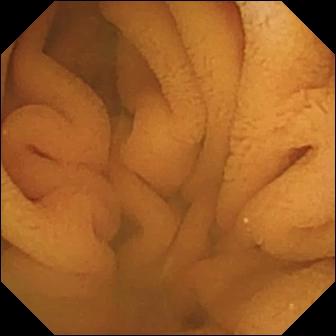VCE — normal clean mucosa.